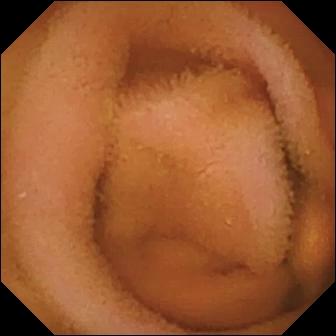Normal clean mucosa — WCE frame of the small bowel.